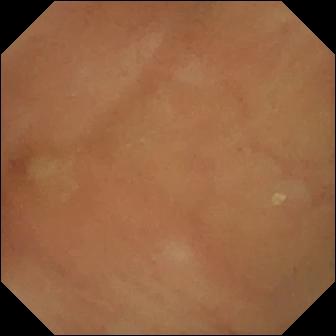Capsule endoscopy view
Observation: normal clean mucosa